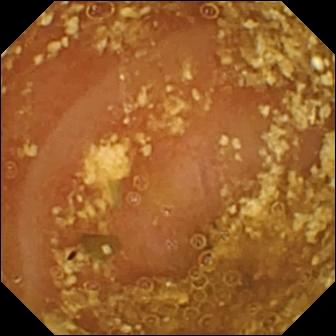Reduced mucosal view (content or bubbles obscuring the mucosa) — video capsule endoscopy still.